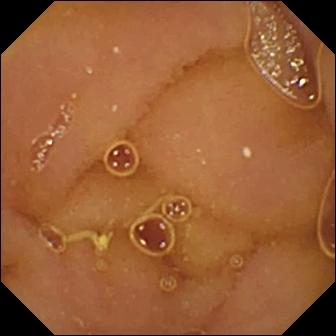PROCEDURE: Video capsule endoscopy.
FINDINGS: Normal clean mucosa.